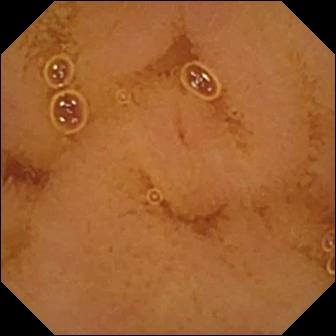modality: video capsule endoscopy | segment: small bowel | finding: normal clean mucosa